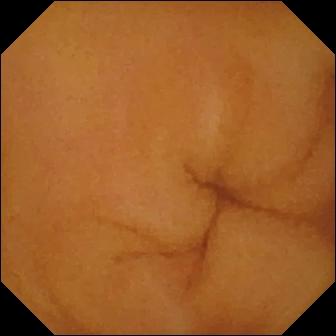{"modality": "VCE", "segment": "small intestine", "finding": "normal clean mucosa"}